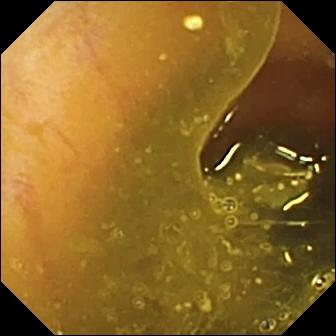{"modality": "small-bowel capsule endoscopy", "label": "ileo-cecal valve region (the transition from the small bowel to the large bowel)"}